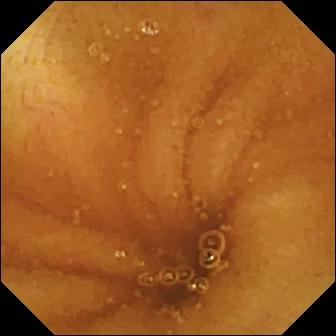modality: capsule endoscopy
category: luminal finding
observation: normal clean mucosa